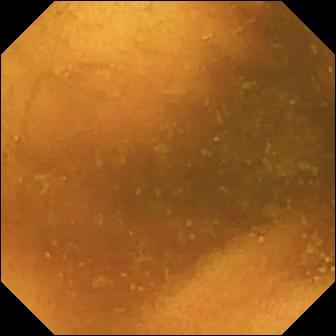modality: capsule endoscopy; category: luminal finding; finding: normal clean mucosa